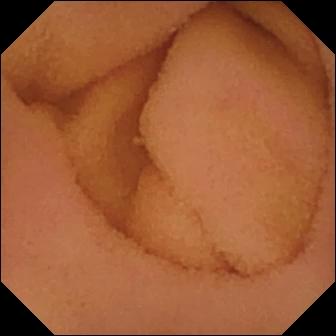Video capsule endoscopy view of the small bowel showing normal clean mucosa.